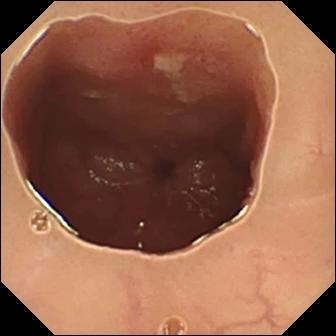Wireless capsule endoscopy view
Finding: ulcer